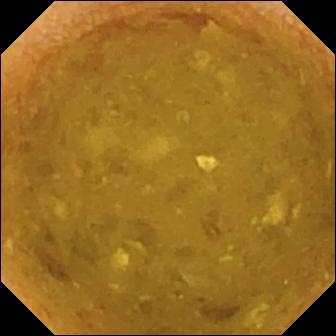Reduced mucosal view (content or bubbles obscuring the mucosa).